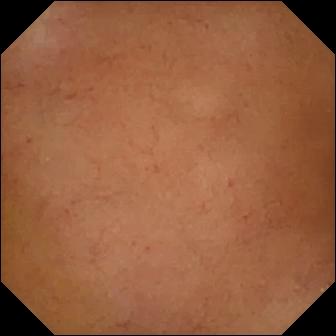Video capsule endoscopy — normal clean mucosa.